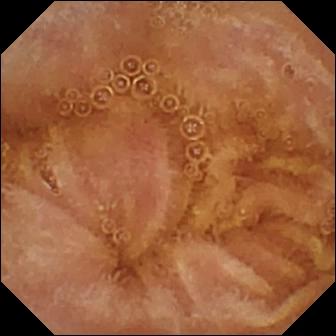WCE image (small bowel). Normal clean mucosa.